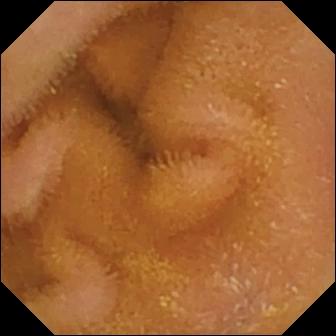VCE. Small bowel. Luminal finding. Observation: normal clean mucosa.